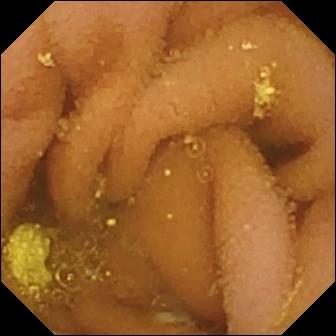Capsule endoscopy. Finding: lymphangiectasia.